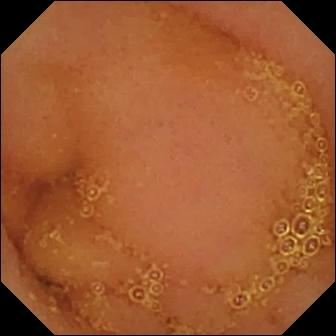Q: What does this VCE still of the small bowel show?
A: Normal clean mucosa.